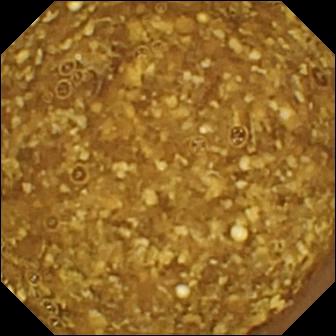Capsule endoscopy view of the small intestine showing reduced mucosal view (content or bubbles obscuring the mucosa).